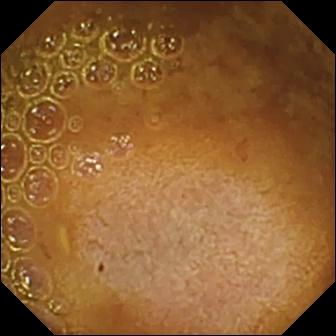Q: What does this VCE still show?
A: Reduced mucosal view (content or bubbles obscuring the mucosa).